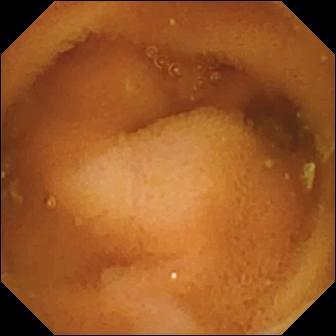WCE still
Impression: normal clean mucosa